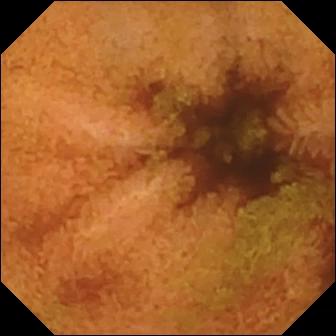- modality: WCE
- segment: small bowel
- label: normal clean mucosa